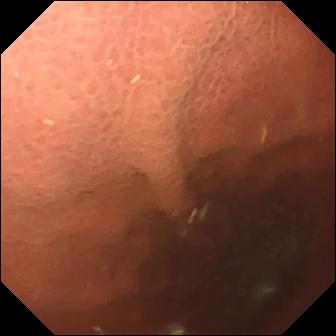Wireless capsule endoscopy frame taken in the pylorus region.